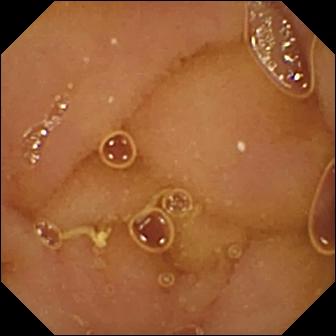VCE still
Impression: normal clean mucosa